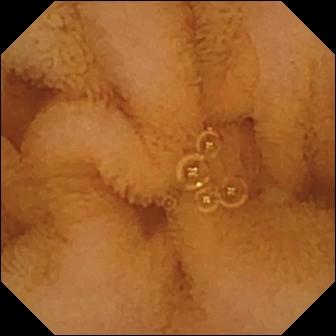PROCEDURE: Small-bowel capsule endoscopy.
FINDINGS: Normal clean mucosa.